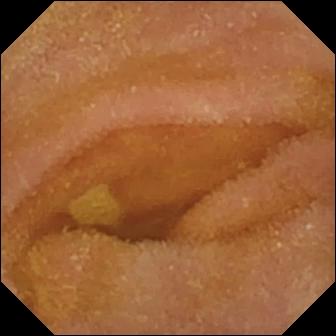PROCEDURE: VCE.
SEGMENT: Small bowel.
FINDINGS: Normal clean mucosa.